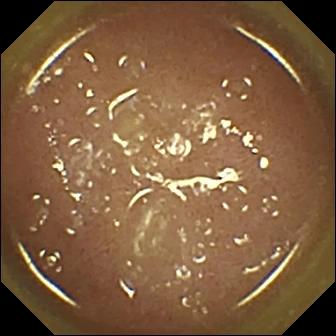Ileo-cecal valve region — small-bowel capsule endoscopy frame.